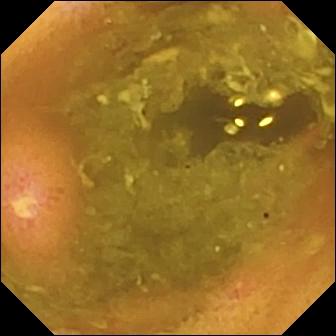This capsule endoscopy still shows ulcer.